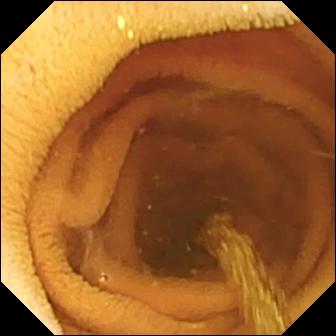Wireless capsule endoscopy image (small intestine). Normal clean mucosa.